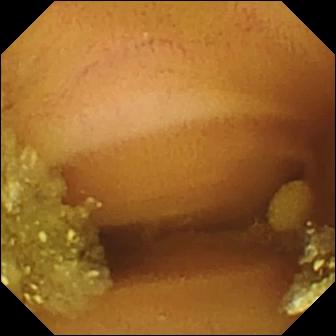Small-bowel capsule endoscopy view showing lymphangiectasia.